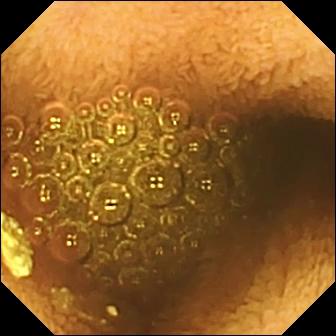Reduced mucosal view (content or bubbles obscuring the mucosa) — WCE snapshot.